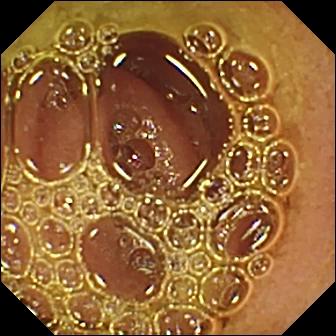Capsule endoscopy snapshot showing normal clean mucosa.